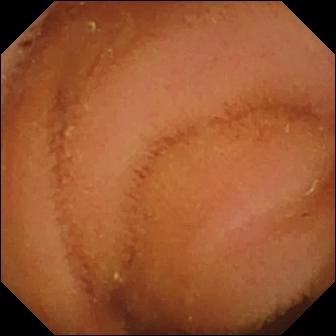Video capsule endoscopy. Finding: normal clean mucosa.